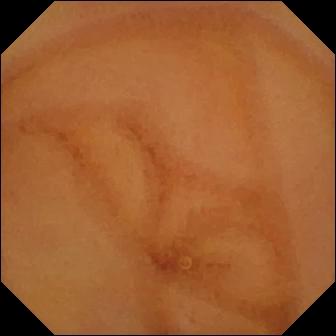Video capsule endoscopy — normal clean mucosa.